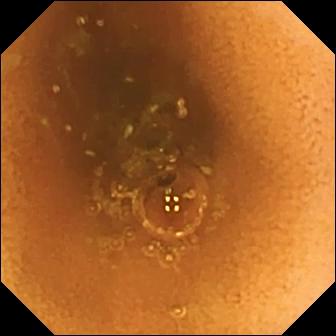Wireless capsule endoscopy still showing normal clean mucosa.